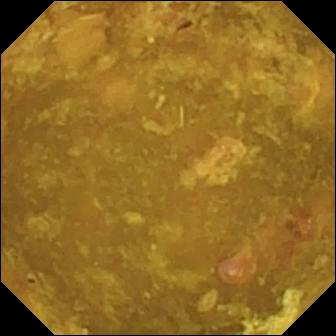Small-bowel capsule endoscopy view
Finding: reduced mucosal view (content or bubbles obscuring the mucosa)